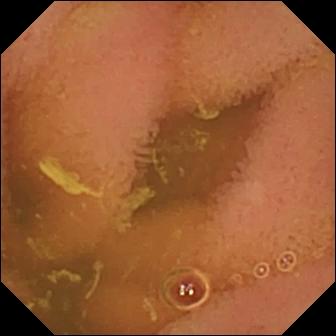Wireless capsule endoscopy. Label: normal clean mucosa.